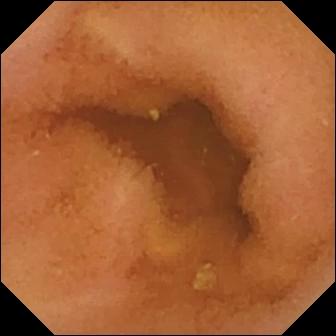PROCEDURE: WCE.
FINDINGS: Normal clean mucosa.